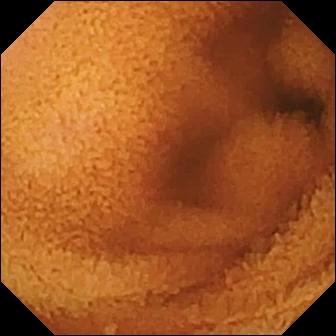PROCEDURE: WCE.
FINDINGS: Normal clean mucosa.